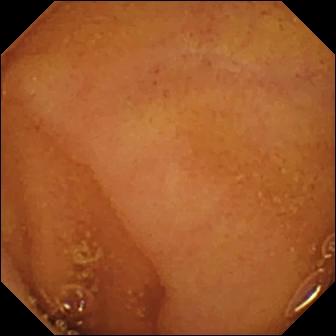Small-bowel capsule endoscopy. Small bowel. Finding: normal clean mucosa.